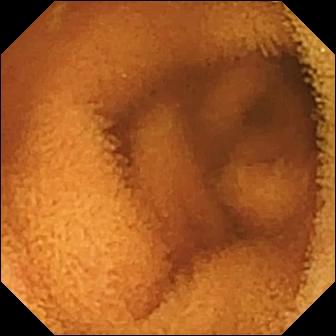WCE view (small bowel). Normal clean mucosa.